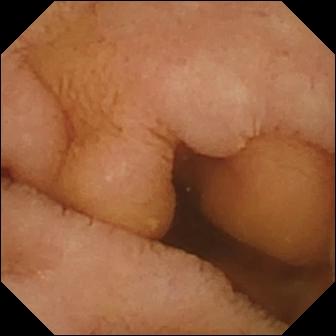PROCEDURE: Wireless capsule endoscopy.
FINDINGS: Normal clean mucosa.